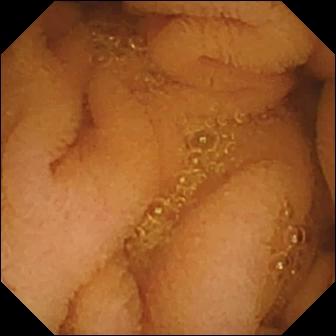Small-bowel capsule endoscopy frame (small intestine). Normal clean mucosa.